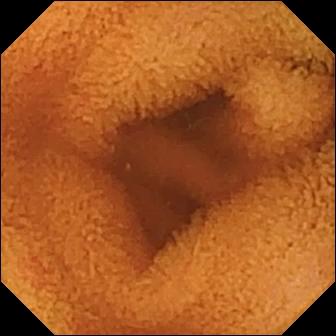Small-bowel capsule endoscopy snapshot, small bowel
Observation: normal clean mucosa